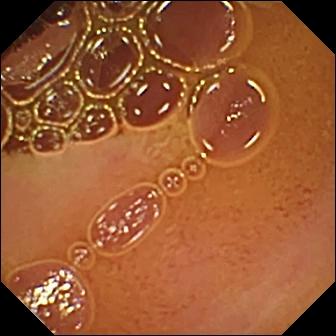VCE — normal clean mucosa.